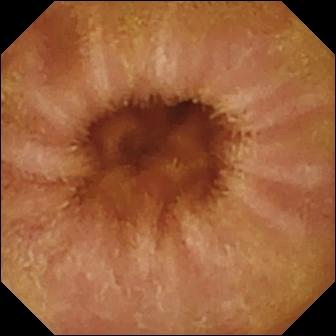Q: What does this small-bowel capsule endoscopy snapshot of the small bowel show?
A: Normal clean mucosa.